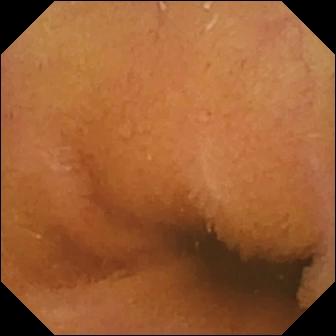Capsule endoscopy — normal clean mucosa.